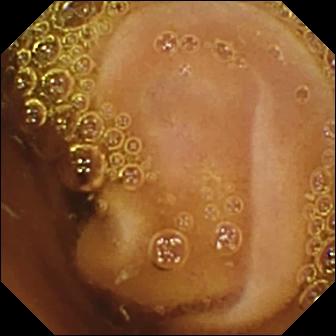Video capsule endoscopy — normal clean mucosa.